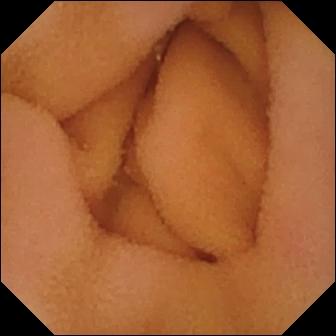This VCE snapshot of the small bowel shows normal clean mucosa.